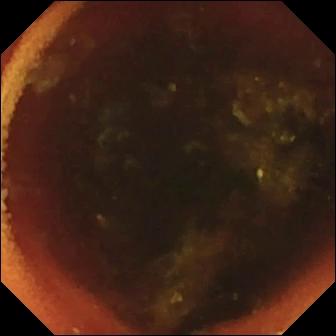This small-bowel capsule endoscopy frame was taken in the ileo-cecal valve region (the transition from the small bowel to the large bowel).